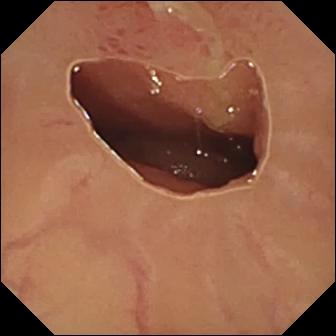- modality: small-bowel capsule endoscopy
- observation: ulcer